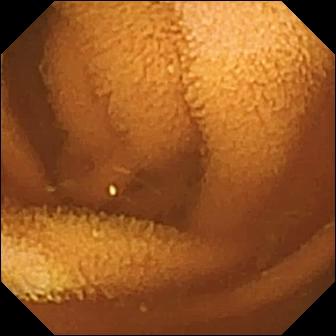Capsule endoscopy snapshot, small intestine
Finding: normal clean mucosa